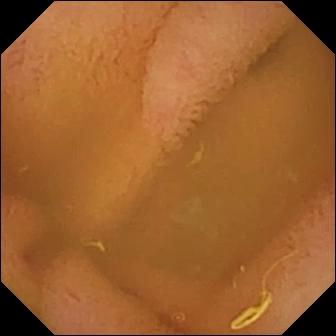Normal clean mucosa — VCE snapshot of the small bowel.